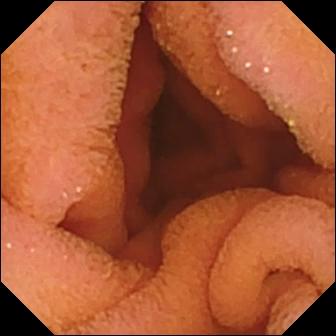{"modality": "video capsule endoscopy", "segment": "small bowel", "finding": "normal clean mucosa"}